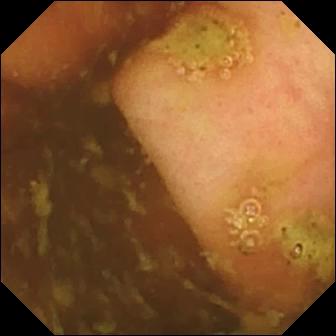modality: video capsule endoscopy | position: ileo-cecal valve region (where the capsule passes from the small bowel into the large bowel)